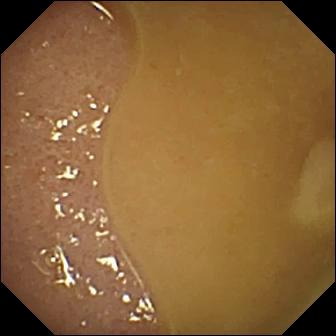Wireless capsule endoscopy. Label: ileo-cecal valve region (the transition from the small bowel to the large bowel).